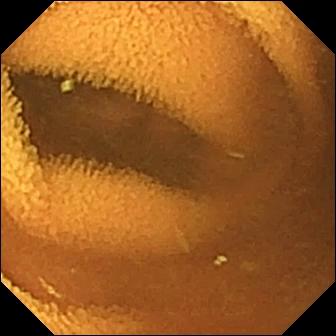This VCE frame of the small intestine shows normal clean mucosa.